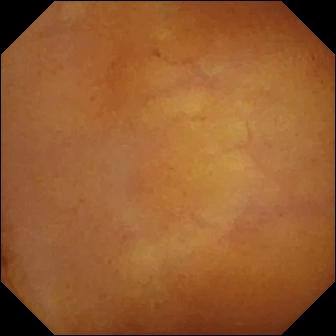Wireless capsule endoscopy. Label: normal clean mucosa.